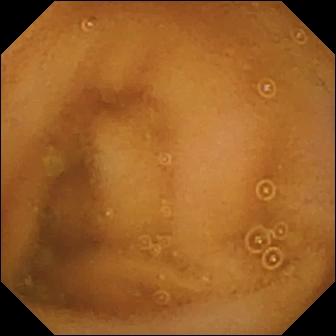Capsule endoscopy — normal clean mucosa.